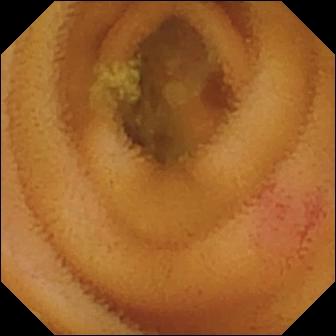Video capsule endoscopy — angiectasia.